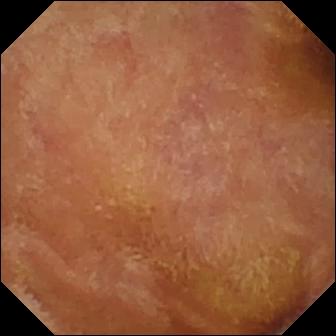PROCEDURE: Capsule endoscopy.
FINDINGS: Normal clean mucosa.